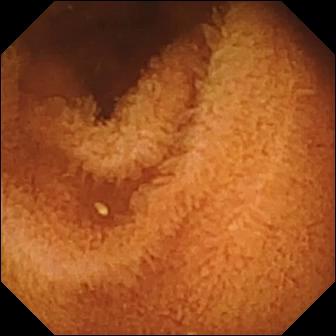PROCEDURE: Capsule endoscopy.
SEGMENT: Small intestine.
FINDINGS: Normal clean mucosa.